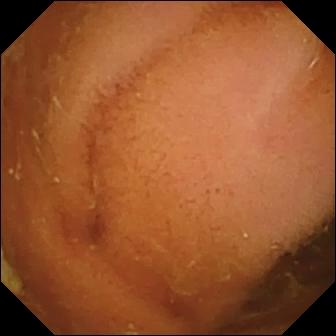Wireless capsule endoscopy — normal clean mucosa.